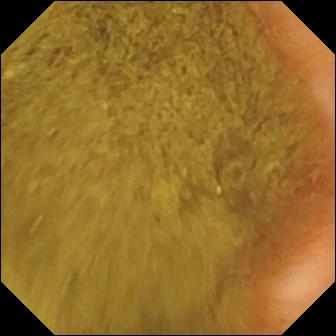Q: Where in the digestive tract was this WCE image taken?
A: Ileo-cecal valve region (the transition from the small bowel to the large bowel).